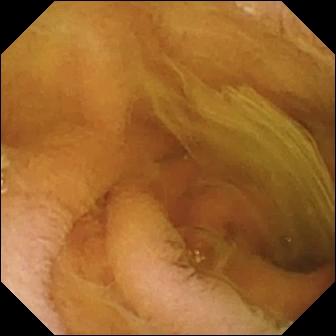This capsule endoscopy still of the small bowel shows normal clean mucosa.